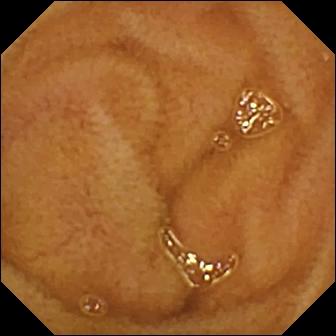Normal clean mucosa — WCE view of the small bowel.